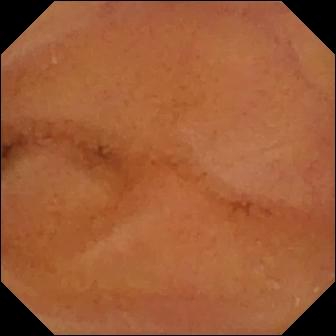VCE — normal clean mucosa.